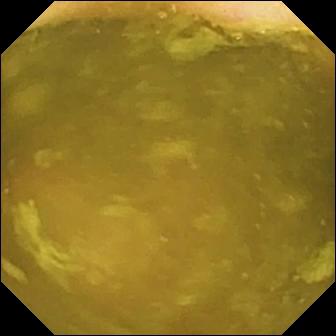Q: Where in the digestive tract was this capsule endoscopy view taken?
A: Ileo-cecal valve region.